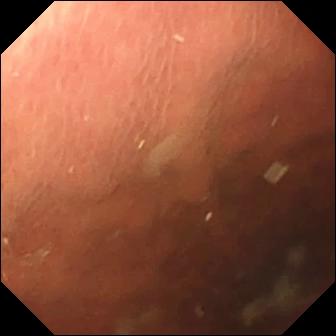modality: video capsule endoscopy | video segment: pylorus region (the junction between the stomach and the small bowel)